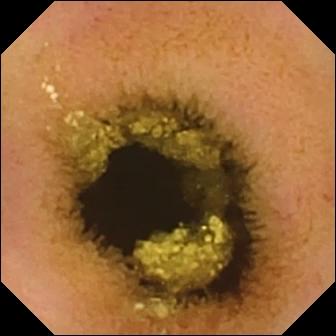Small-bowel capsule endoscopy — normal clean mucosa.